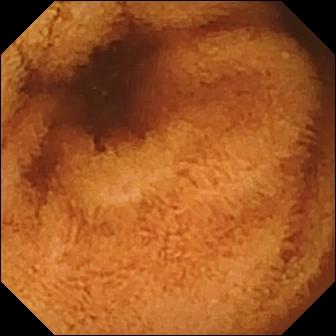Normal clean mucosa — video capsule endoscopy image.